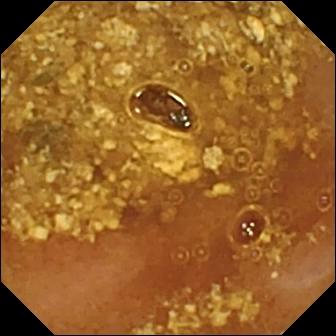modality: wireless capsule endoscopy; finding: reduced mucosal view (content or bubbles obscuring the mucosa)